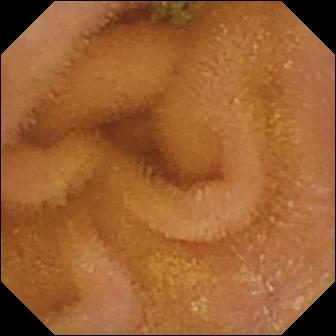PROCEDURE: Small-bowel capsule endoscopy.
FINDINGS: Normal clean mucosa.